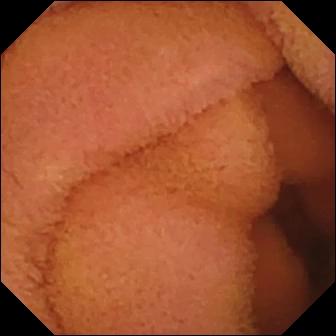- modality: wireless capsule endoscopy
- observation: normal clean mucosa